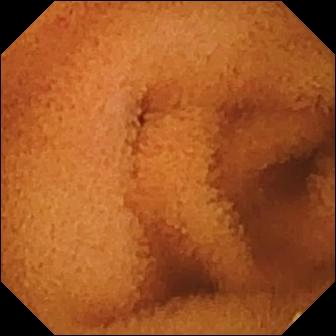Q: What does this small-bowel capsule endoscopy view of the small bowel show?
A: Normal clean mucosa.